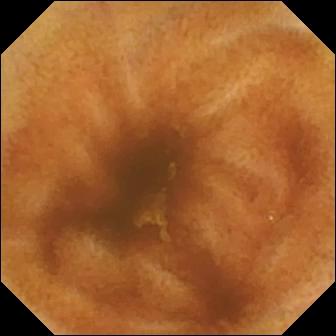- modality: WCE
- segment: small bowel
- category: luminal finding
- finding: normal clean mucosa